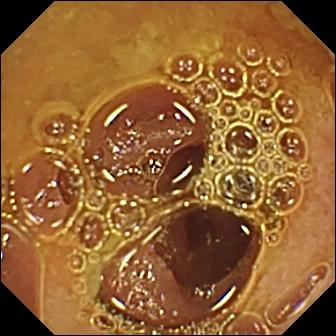This WCE image of the small bowel shows normal clean mucosa.